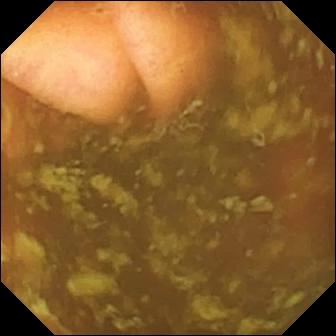VCE frame taken in the ileo-cecal valve region.